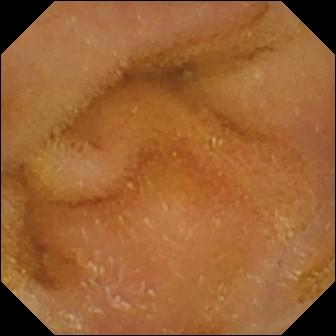Q: What does this small-bowel capsule endoscopy image show?
A: Normal clean mucosa.